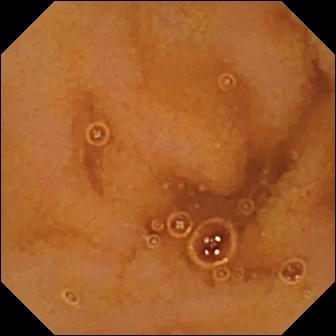modality: capsule endoscopy
category: luminal finding
label: normal clean mucosa